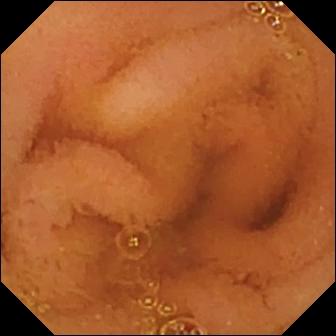Small-bowel capsule endoscopy — normal clean mucosa.